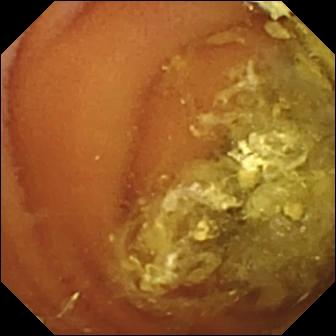{"modality": "video capsule endoscopy", "segment": "small bowel", "finding": "normal clean mucosa"}